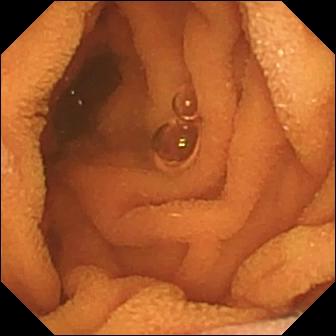This capsule endoscopy view of the small intestine shows normal clean mucosa.